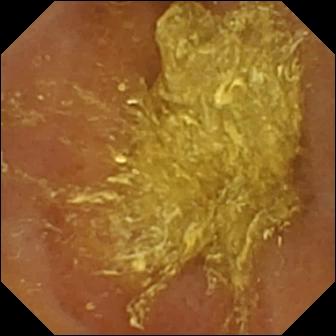Video capsule endoscopy snapshot, small intestine
Finding: reduced mucosal view (content or bubbles obscuring the mucosa)